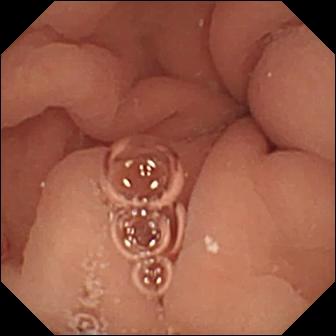Pylorus region (where the capsule passes from the stomach into the small bowel) — small-bowel capsule endoscopy view.